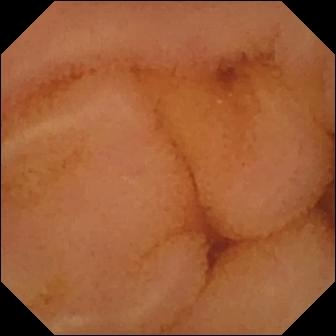Capsule endoscopy. Observation: normal clean mucosa.